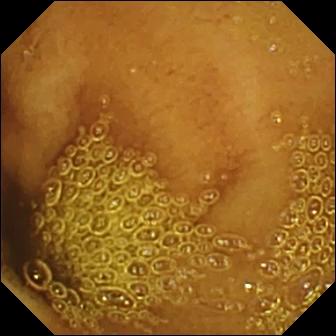- modality: small-bowel capsule endoscopy
- segment: small intestine
- observation: normal clean mucosa